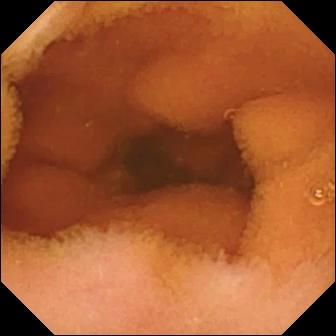modality: capsule endoscopy | segment: small bowel | category: luminal finding | label: normal clean mucosa